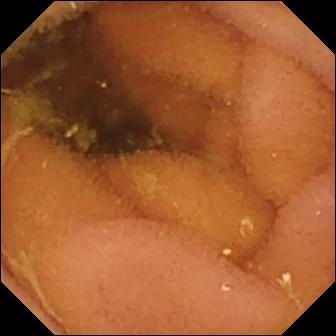Q: What does this WCE view show?
A: Normal clean mucosa.